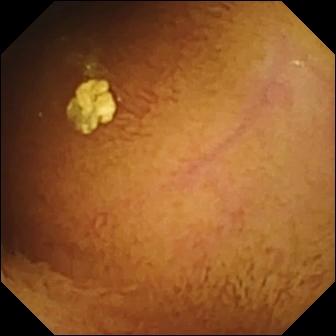PROCEDURE: Small-bowel capsule endoscopy.
SEGMENT: Small intestine.
FINDINGS: Normal clean mucosa.